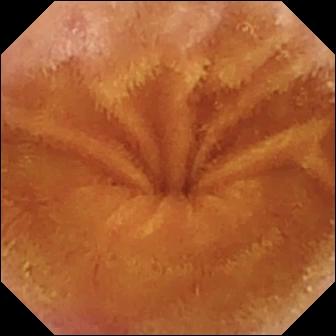Wireless capsule endoscopy snapshot
Label: normal clean mucosa